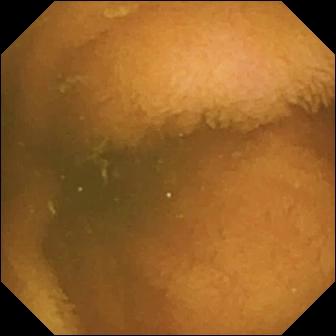Normal clean mucosa — capsule endoscopy snapshot.